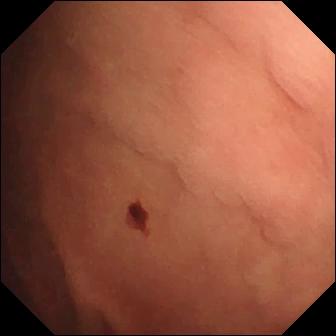WCE. Observation: angiectasia.